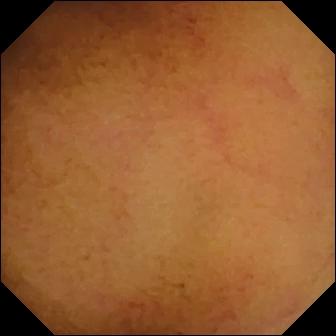modality: WCE; segment: small bowel; impression: normal clean mucosa